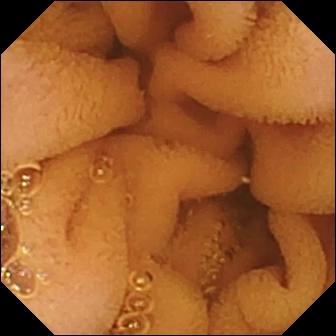Q: What does this video capsule endoscopy image of the small bowel show?
A: Normal clean mucosa.